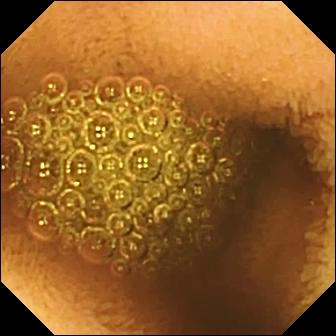Capsule endoscopy view (small intestine). Reduced mucosal view (content or bubbles obscuring the mucosa).